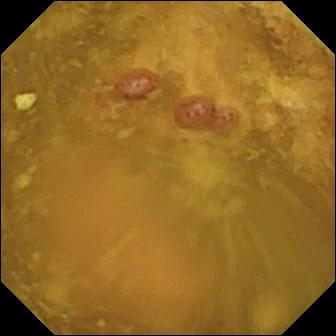modality: WCE | segment: small intestine | label: reduced mucosal view (content or bubbles obscuring the mucosa)